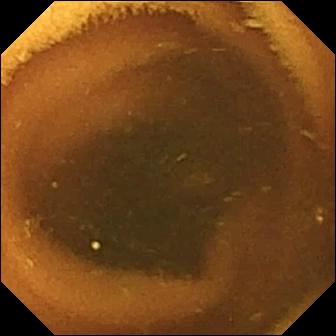Normal clean mucosa (336×336).